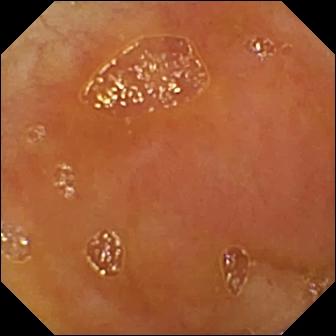Video capsule endoscopy — ileo-cecal valve region (the transition from the small bowel to the large bowel).